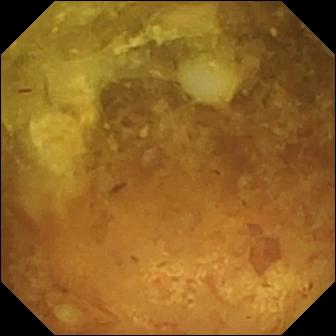VCE — reduced mucosal view (content or bubbles obscuring the mucosa).